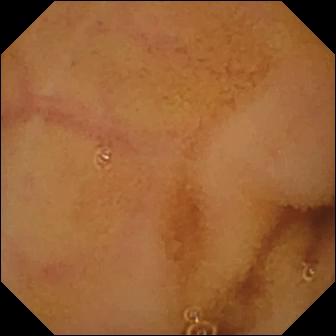Capsule endoscopy snapshot showing normal clean mucosa.